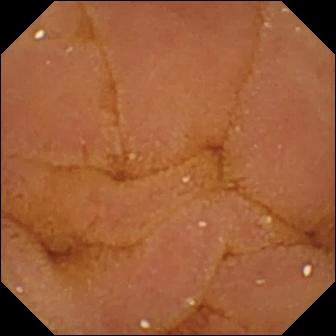PROCEDURE: Video capsule endoscopy.
SEGMENT: Small bowel.
FINDINGS: Normal clean mucosa.